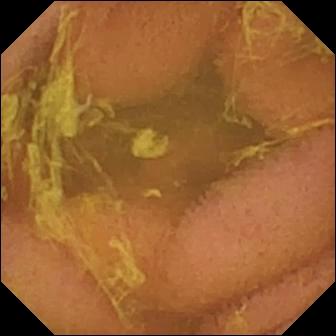- modality: capsule endoscopy
- segment: small intestine
- finding: normal clean mucosa